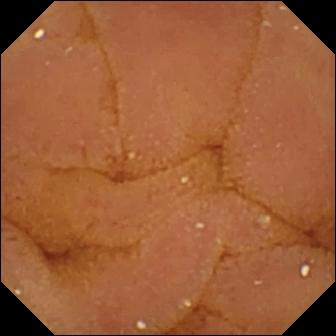- modality: capsule endoscopy
- segment: small bowel
- category: luminal finding
- finding: normal clean mucosa